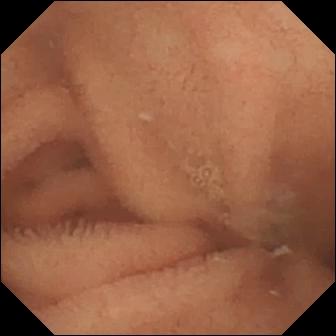VCE view, 336×336. Normal clean mucosa.